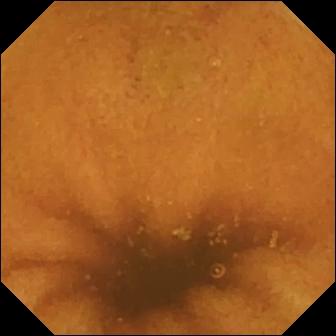Normal clean mucosa.